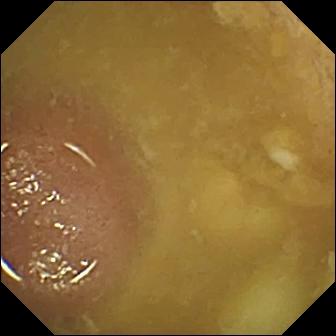Wireless capsule endoscopy. Position: ileo-cecal valve region (the transition from the small bowel to the large bowel).